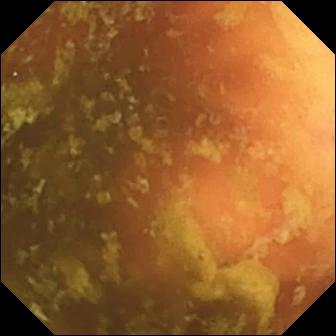Video capsule endoscopy still. Taken in the ileo-cecal valve region (where the capsule passes from the small bowel into the large bowel).